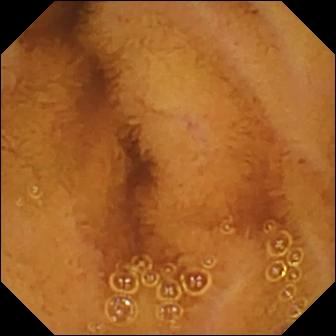Normal clean mucosa — video capsule endoscopy frame of the small intestine.